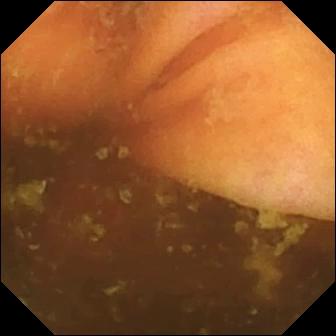Ileo-cecal valve region (the transition from the small bowel to the large bowel).